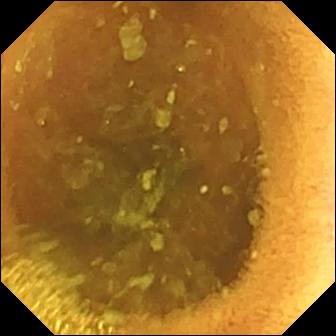- modality: small-bowel capsule endoscopy
- finding: normal clean mucosa